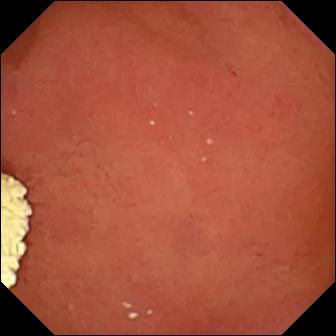Pylorus region — small-bowel capsule endoscopy still.